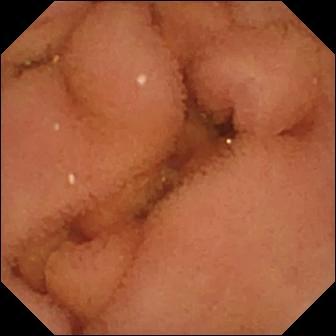Video capsule endoscopy image (small bowel), 336×336. Normal clean mucosa.